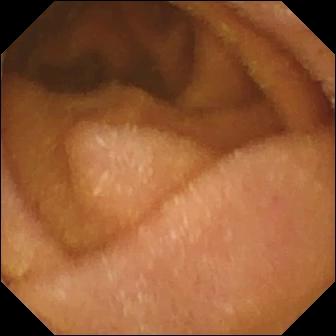VCE. Impression: normal clean mucosa.